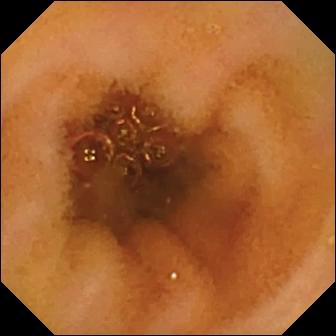Q: What does this small-bowel capsule endoscopy image of the small intestine show?
A: Normal clean mucosa.